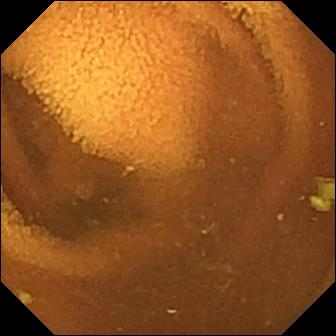PROCEDURE: Small-bowel capsule endoscopy.
SEGMENT: Small bowel.
FINDINGS: Normal clean mucosa.